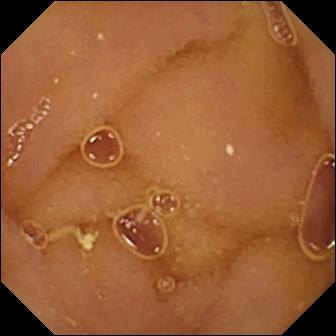Normal clean mucosa — small-bowel capsule endoscopy snapshot.